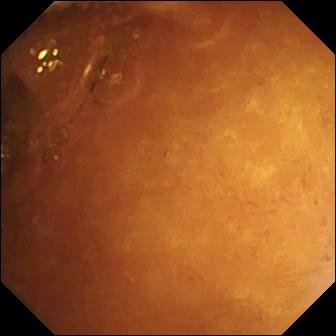VCE. Luminal finding. Finding: normal clean mucosa.